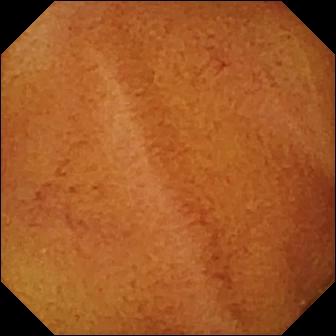VCE. Impression: normal clean mucosa.